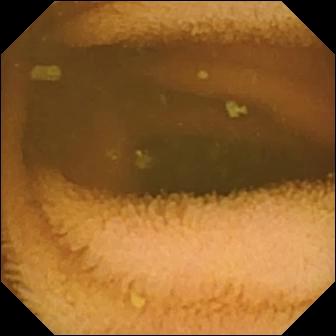- modality: video capsule endoscopy
- segment: small intestine
- category: luminal finding
- label: normal clean mucosa